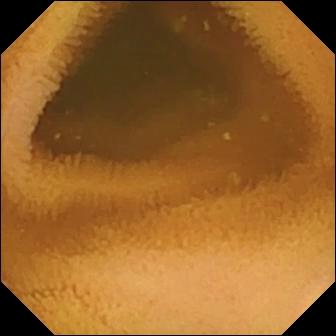This small-bowel capsule endoscopy view shows normal clean mucosa.